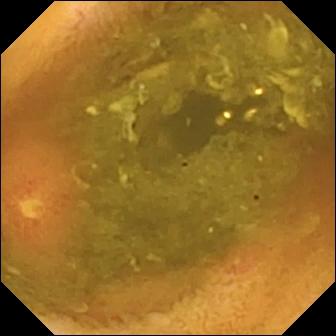Ulcer.